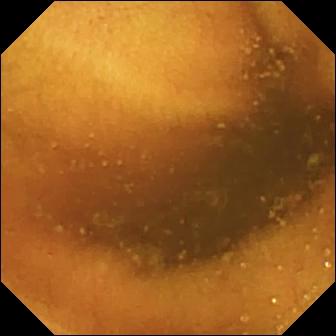Capsule endoscopy snapshot (small intestine). Normal clean mucosa.